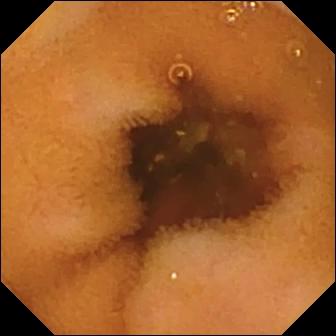VCE still, small bowel
Label: normal clean mucosa